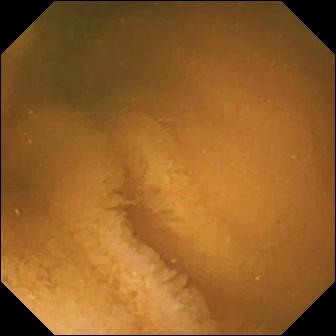Q: What does this capsule endoscopy frame of the small intestine show?
A: Normal clean mucosa.